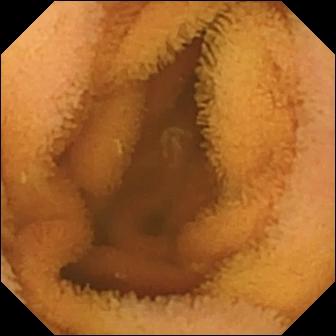modality: wireless capsule endoscopy; segment: small bowel; category: luminal finding; label: normal clean mucosa